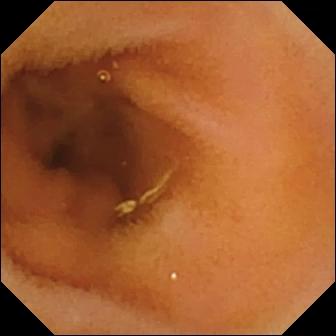PROCEDURE: Capsule endoscopy.
FINDINGS: Normal clean mucosa.